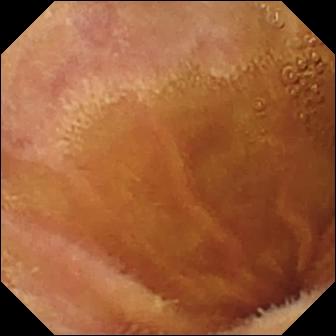Small-bowel capsule endoscopy — normal clean mucosa.